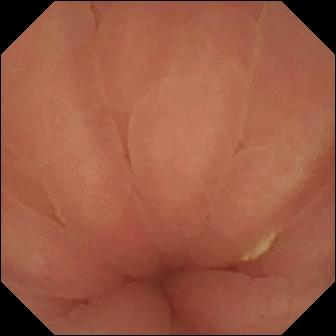WCE. Video segment: pylorus region.